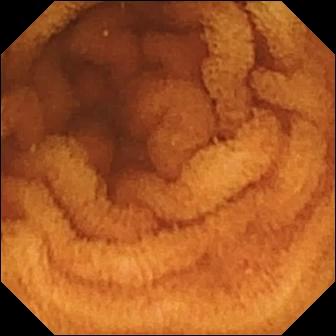Normal clean mucosa.